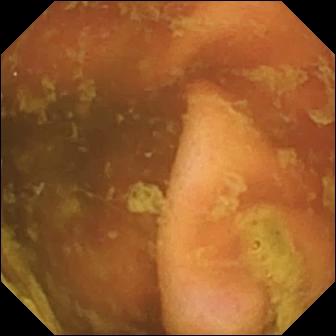WCE view, 336×336. Taken in the ileo-cecal valve region (the transition from the small bowel to the large bowel).